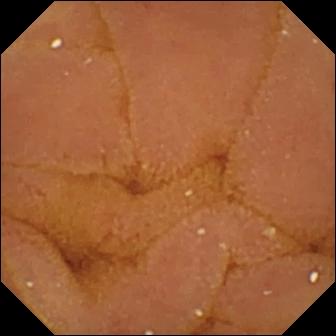PROCEDURE: Capsule endoscopy.
FINDINGS: Normal clean mucosa.